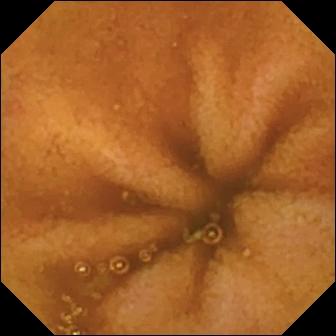PROCEDURE: WCE.
FINDINGS: Normal clean mucosa.